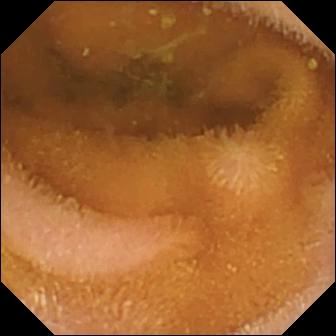Normal clean mucosa — wireless capsule endoscopy snapshot of the small bowel.